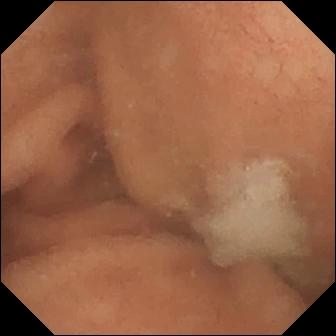This capsule endoscopy image shows normal clean mucosa.